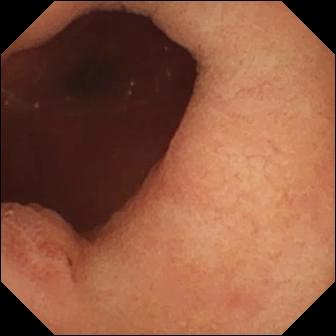- modality: VCE
- category: anatomical landmark
- label: pylorus region (the junction between the stomach and the small bowel)